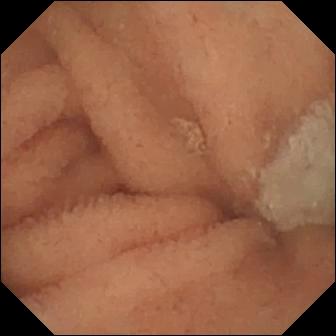{"modality": "video capsule endoscopy", "segment": "small bowel", "category": "luminal finding", "finding": "normal clean mucosa"}